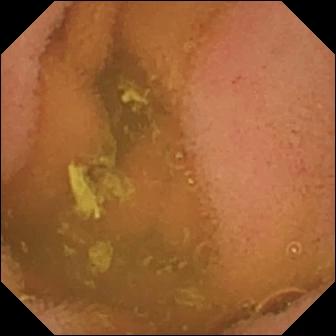Video capsule endoscopy frame of the small intestine showing normal clean mucosa.